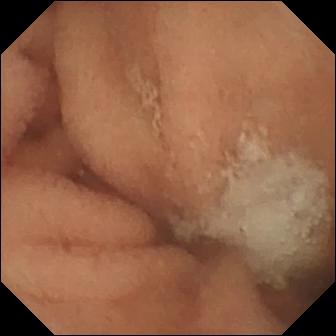Normal clean mucosa (336×336).